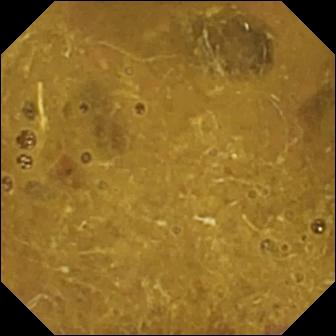This video capsule endoscopy frame was taken in the ileo-cecal valve region.